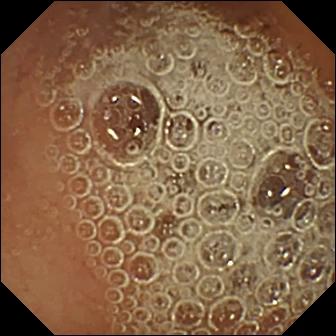{"modality": "video capsule endoscopy", "finding": "normal clean mucosa"}